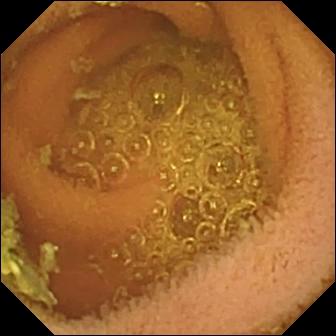modality: WCE; category: luminal finding; observation: normal clean mucosa